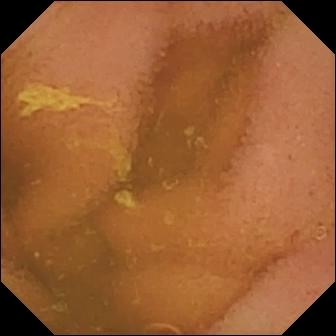Normal clean mucosa — small-bowel capsule endoscopy image of the small bowel.